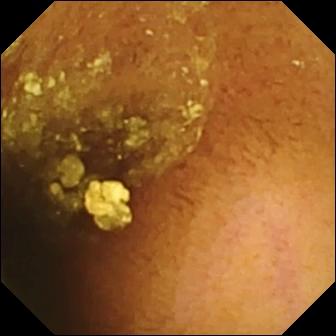modality: capsule endoscopy | label: normal clean mucosa